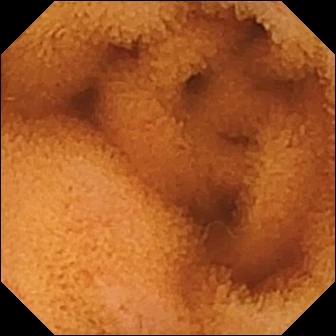Normal clean mucosa.